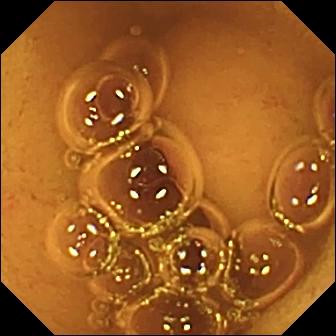This video capsule endoscopy snapshot shows normal clean mucosa.